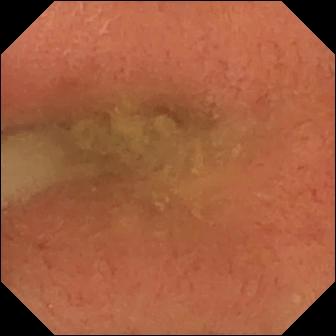Pylorus region (where the capsule passes from the stomach into the small bowel) — wireless capsule endoscopy still.